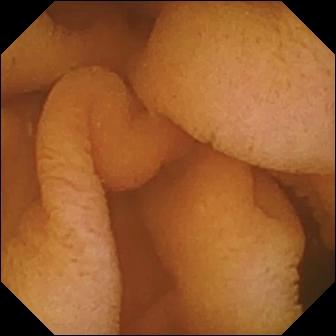Q: What does this wireless capsule endoscopy view show?
A: Normal clean mucosa.